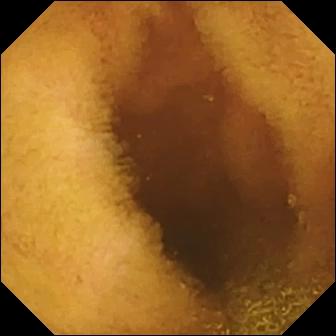PROCEDURE: Wireless capsule endoscopy.
SEGMENT: Small intestine.
FINDINGS: Normal clean mucosa.